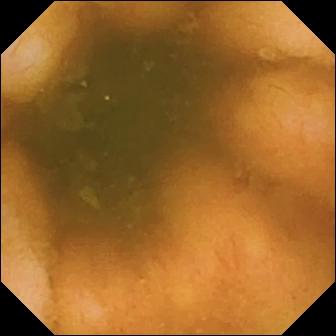Wireless capsule endoscopy. Video segment: ileo-cecal valve region (the transition from the small bowel to the large bowel).